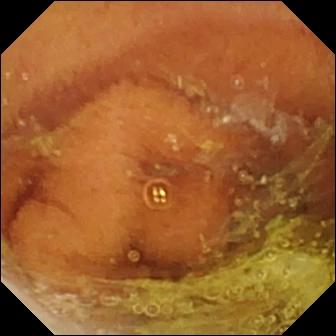Wireless capsule endoscopy. Luminal finding. Impression: normal clean mucosa.